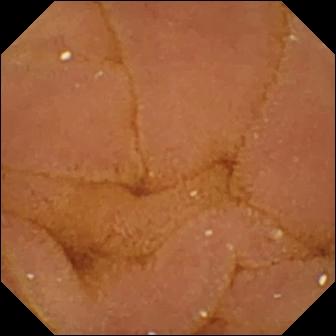modality: small-bowel capsule endoscopy
segment: small bowel
label: normal clean mucosa